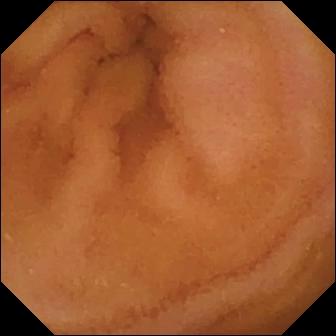- modality: WCE
- finding: normal clean mucosa